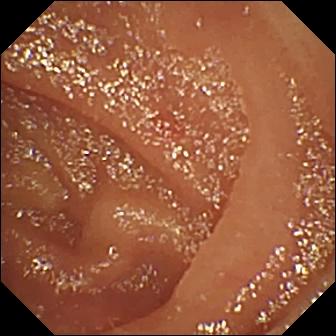Capsule endoscopy image. Angiectasia.